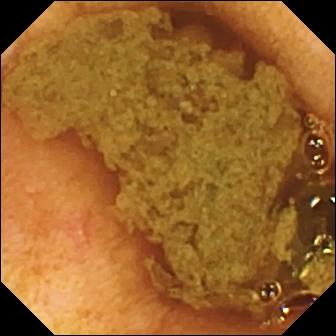Q: Where in the digestive tract was this small-bowel capsule endoscopy still taken?
A: Ileo-cecal valve region (the transition from the small bowel to the large bowel).